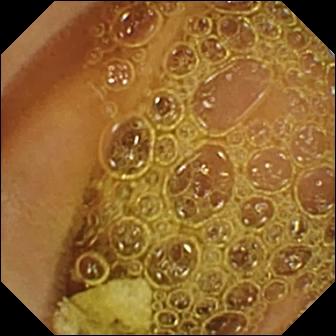VCE image. Normal clean mucosa.